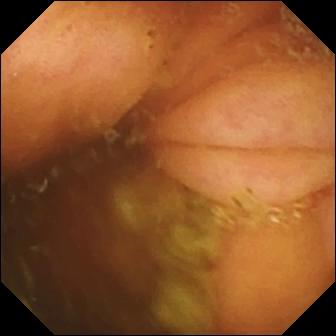WCE. Location: ileo-cecal valve region.